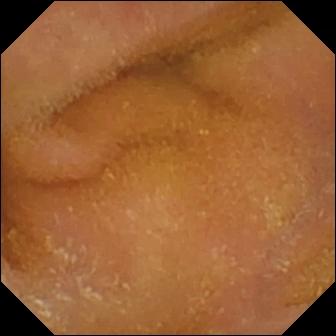Video capsule endoscopy snapshot, small intestine
Finding: normal clean mucosa